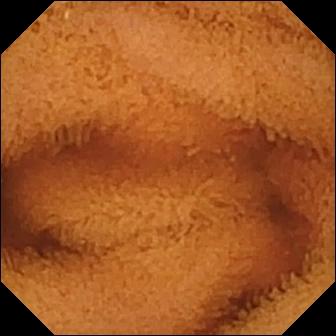This small-bowel capsule endoscopy image shows normal clean mucosa.